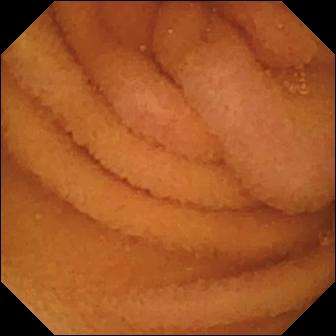This capsule endoscopy frame of the small bowel shows normal clean mucosa.